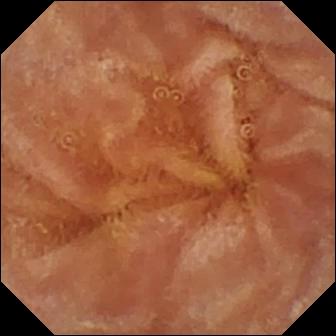- modality: VCE
- segment: small intestine
- impression: normal clean mucosa